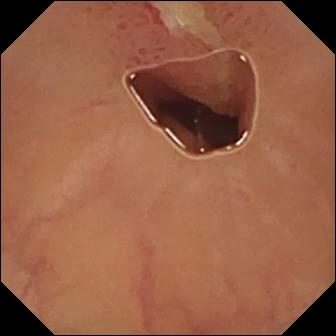PROCEDURE: Wireless capsule endoscopy.
FINDINGS: Ulcer.